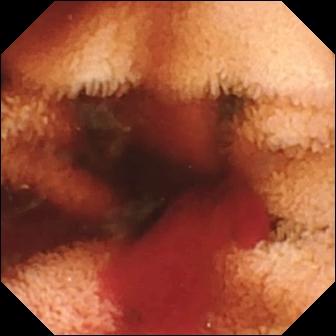{"modality": "wireless capsule endoscopy", "finding": "fresh blood in the lumen"}